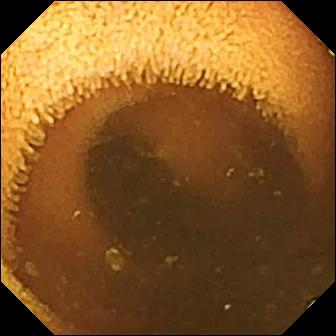Normal clean mucosa.